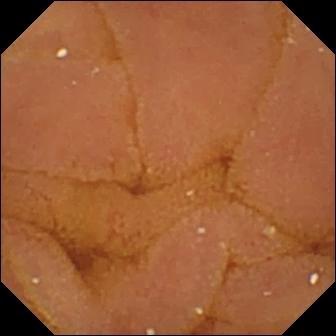WCE snapshot showing normal clean mucosa.